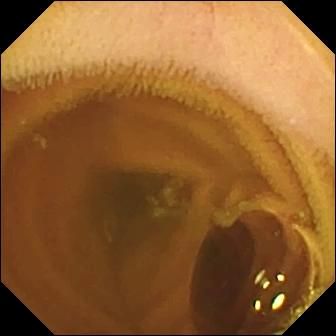VCE. Label: normal clean mucosa.